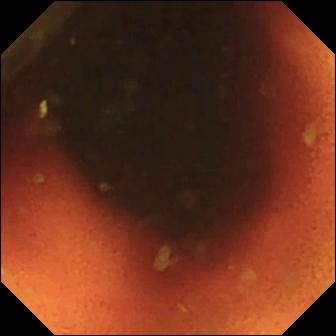- modality: capsule endoscopy
- location: ileo-cecal valve region